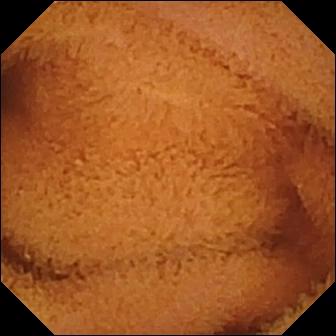PROCEDURE: VCE.
SEGMENT: Small intestine.
FINDINGS: Normal clean mucosa.